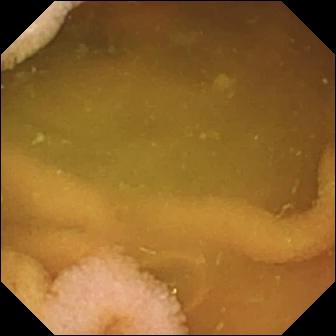PROCEDURE: Video capsule endoscopy.
SEGMENT: Small bowel.
FINDINGS: Normal clean mucosa.